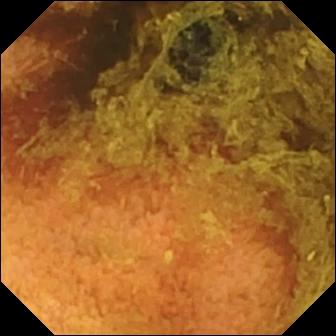Normal clean mucosa.